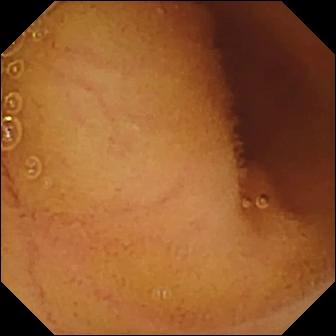PROCEDURE: Wireless capsule endoscopy.
SEGMENT: Small bowel.
FINDINGS: Normal clean mucosa.